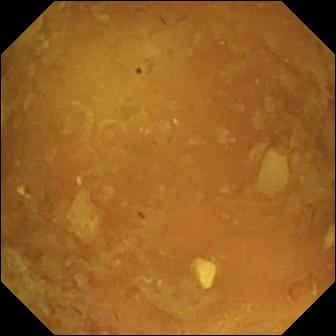PROCEDURE: Small-bowel capsule endoscopy.
FINDINGS: Reduced mucosal view (content or bubbles obscuring the mucosa).